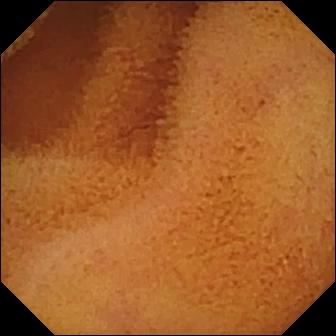{"modality": "wireless capsule endoscopy", "finding": "normal clean mucosa"}